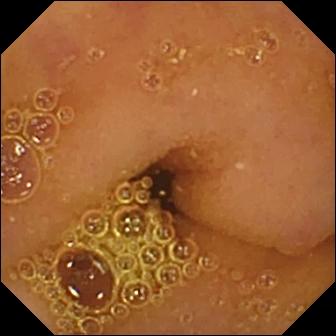This capsule endoscopy snapshot shows normal clean mucosa.